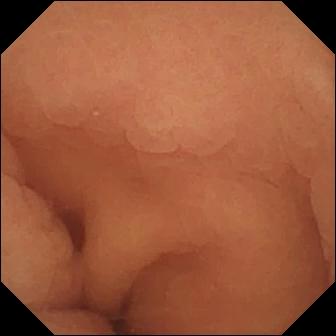VCE frame showing normal clean mucosa.